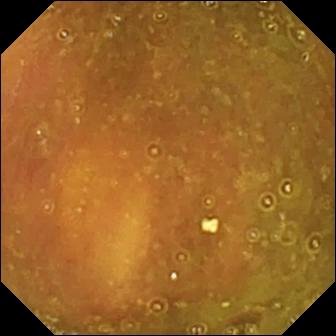This capsule endoscopy frame was taken in the ileo-cecal valve region (where the capsule passes from the small bowel into the large bowel).